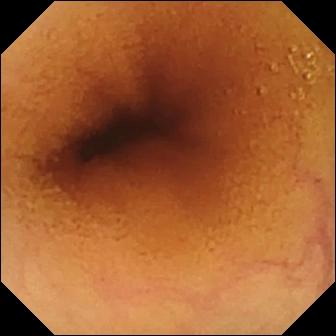VCE. Luminal finding. Finding: normal clean mucosa.